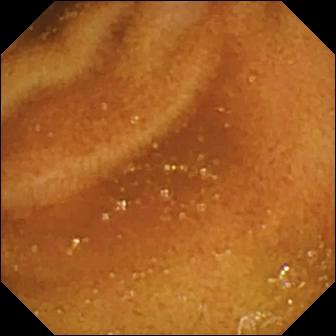Capsule endoscopy view of the small intestine showing normal clean mucosa.